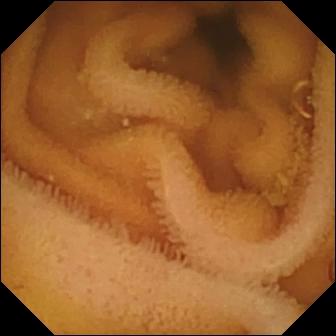{"modality": "video capsule endoscopy", "segment": "small bowel", "finding": "normal clean mucosa"}